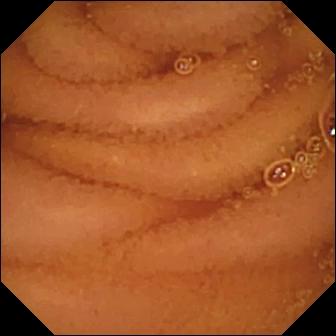Capsule endoscopy. Small bowel. Luminal finding. Finding: normal clean mucosa.